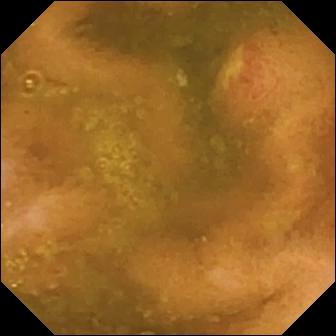{"modality": "video capsule endoscopy", "category": "luminal finding", "finding": "ulcer"}